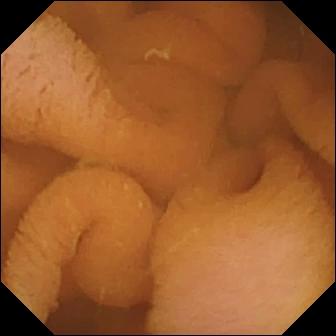Q: What does this WCE snapshot of the small bowel show?
A: Normal clean mucosa.